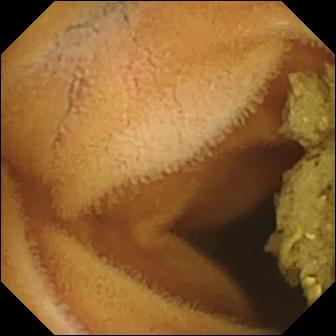Q: What does this capsule endoscopy image of the small intestine show?
A: Normal clean mucosa.